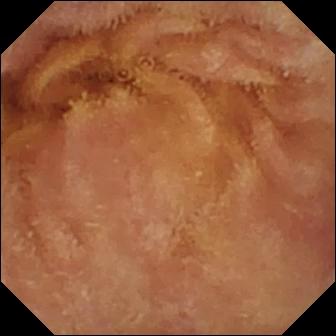Wireless capsule endoscopy. Observation: normal clean mucosa.